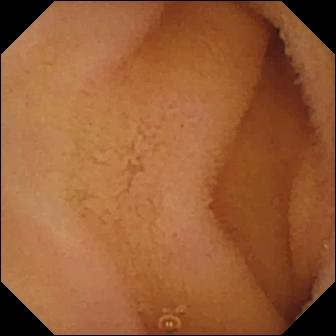Normal clean mucosa — small-bowel capsule endoscopy frame.